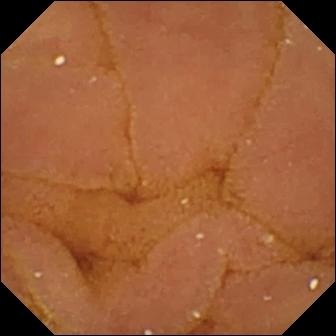Small-bowel capsule endoscopy. Luminal finding. Impression: normal clean mucosa.